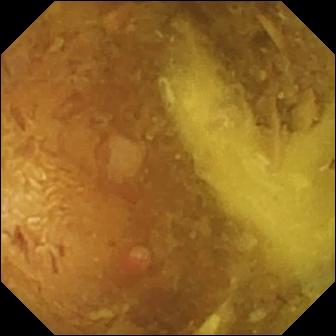{"modality": "VCE", "segment": "small intestine", "finding": "reduced mucosal view (content or bubbles obscuring the mucosa)"}